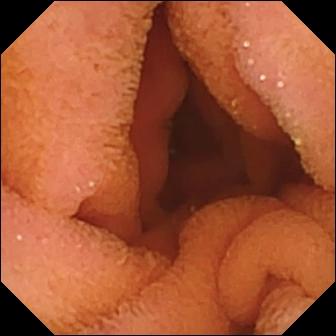This capsule endoscopy snapshot shows normal clean mucosa.